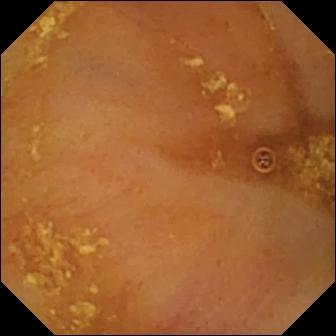This video capsule endoscopy snapshot was taken in the ileo-cecal valve region (where the capsule passes from the small bowel into the large bowel).